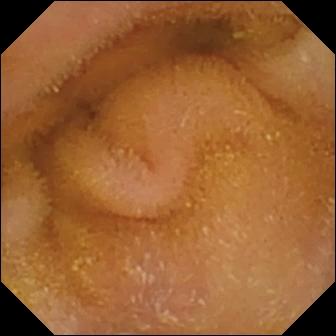Normal clean mucosa — capsule endoscopy view.